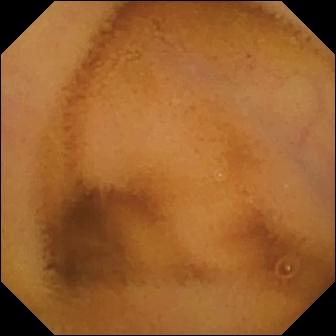- modality: video capsule endoscopy
- impression: normal clean mucosa